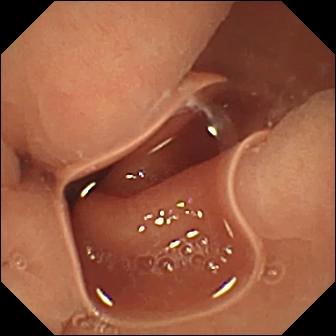WCE still showing normal clean mucosa.